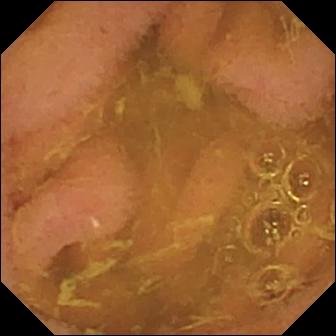Normal clean mucosa — video capsule endoscopy frame.